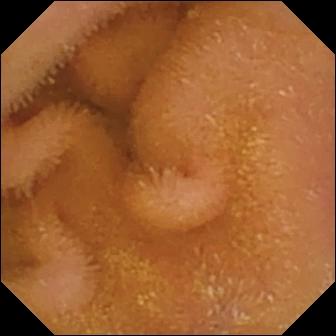Normal clean mucosa.